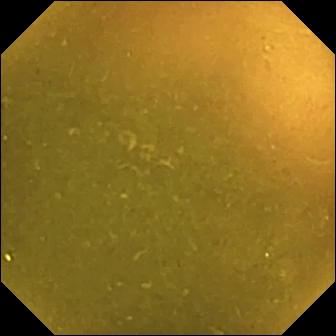{"modality": "capsule endoscopy", "location": "ileo-cecal valve region (where the capsule passes from the small bowel into the large bowel)"}